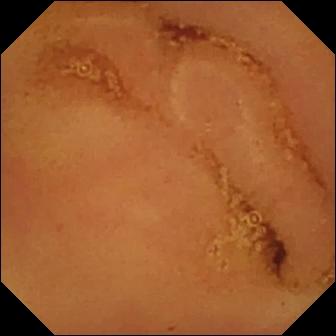WCE snapshot
Observation: normal clean mucosa